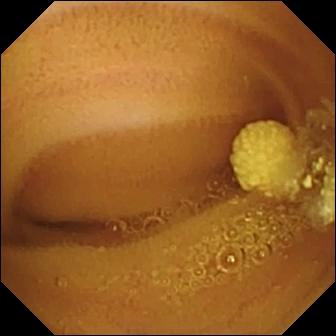Video capsule endoscopy snapshot
Label: lymphangiectasia